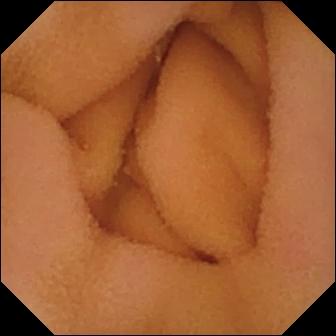Q: What does this capsule endoscopy image of the small bowel show?
A: Normal clean mucosa.